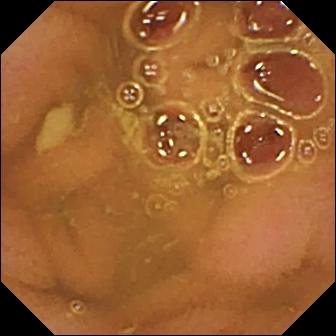Normal clean mucosa — video capsule endoscopy snapshot.